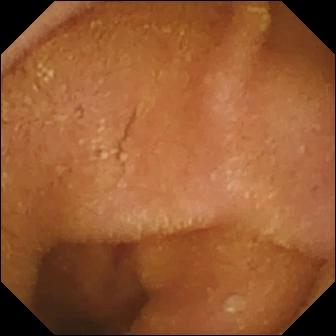VCE. Small bowel. Observation: normal clean mucosa.